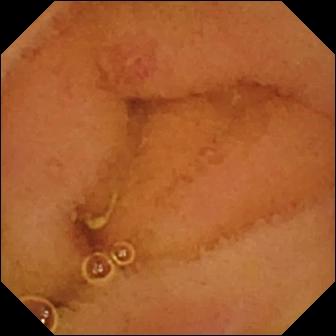Q: What does this wireless capsule endoscopy frame show?
A: Erosion.